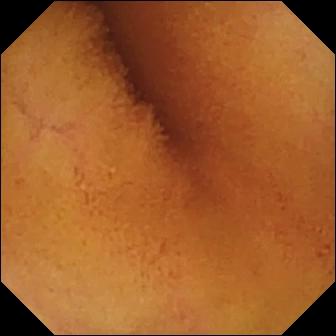WCE — normal clean mucosa.